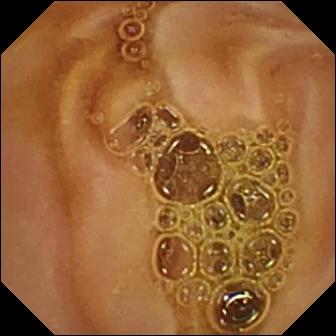Small-bowel capsule endoscopy snapshot showing normal clean mucosa.